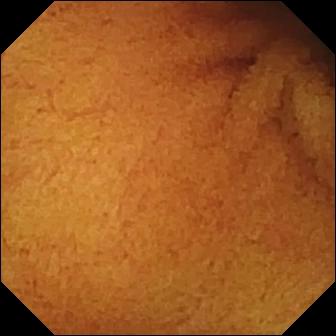{"modality": "WCE", "finding": "normal clean mucosa"}